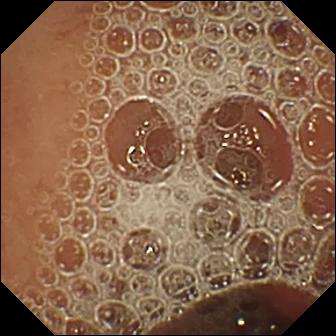Normal clean mucosa — VCE view.